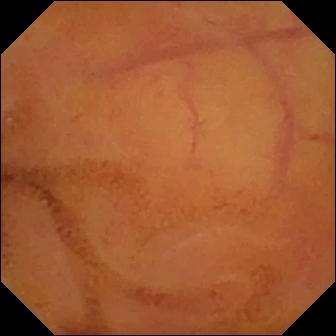- modality: small-bowel capsule endoscopy
- category: luminal finding
- impression: normal clean mucosa